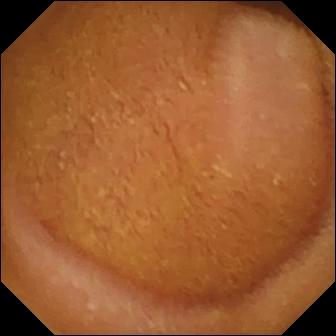Q: What does this small-bowel capsule endoscopy still of the small intestine show?
A: Normal clean mucosa.